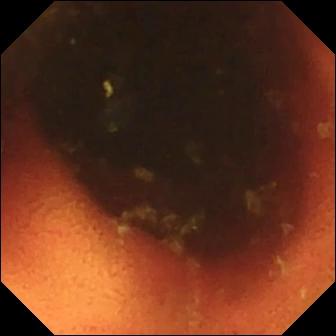Q: Where in the digestive tract was this small-bowel capsule endoscopy snapshot taken?
A: Ileo-cecal valve region.